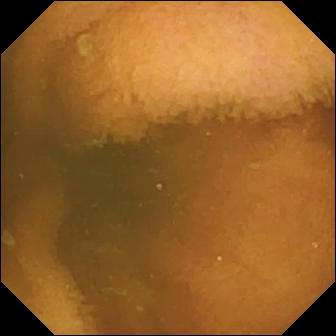Small-bowel capsule endoscopy frame. Normal clean mucosa.